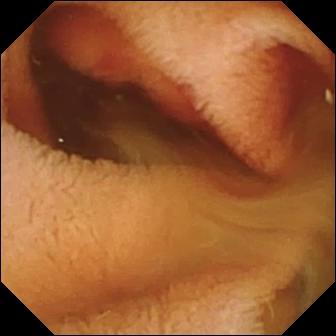PROCEDURE: Small-bowel capsule endoscopy.
FINDINGS: Fresh blood in the lumen.